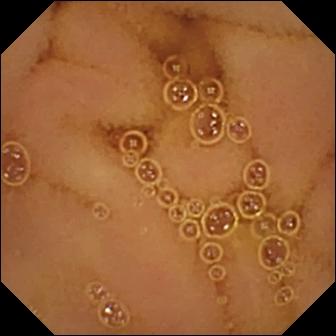Q: What does this wireless capsule endoscopy snapshot show?
A: Normal clean mucosa.